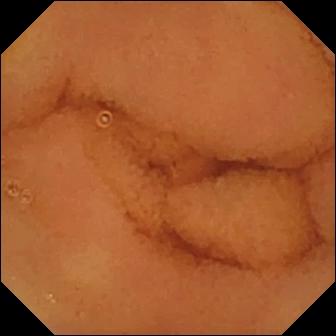WCE snapshot, 336×336. Normal clean mucosa.